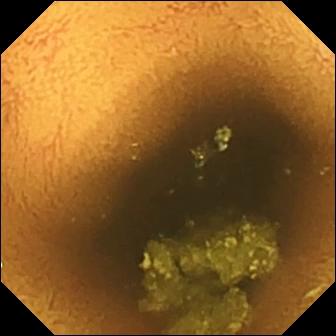This wireless capsule endoscopy snapshot of the small bowel shows normal clean mucosa.